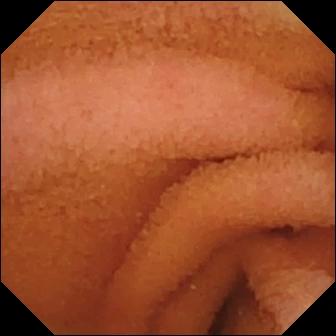PROCEDURE: Small-bowel capsule endoscopy.
FINDINGS: Normal clean mucosa.